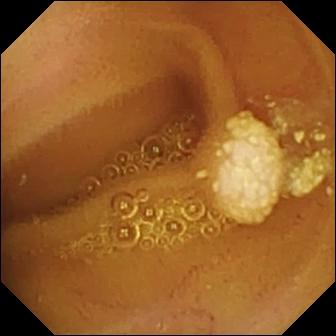PROCEDURE: Wireless capsule endoscopy.
FINDINGS: Lymphangiectasia.